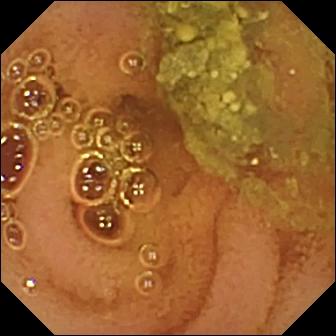Q: What does this WCE image of the small bowel show?
A: Normal clean mucosa.